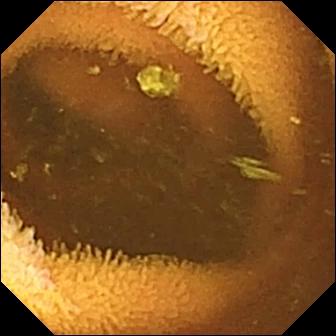Q: What does this VCE frame of the small intestine show?
A: Normal clean mucosa.